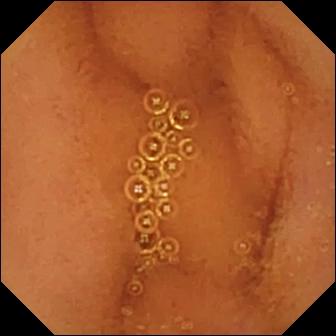This WCE image shows normal clean mucosa.